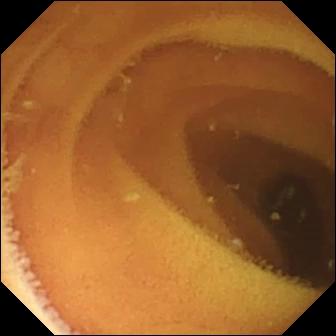Capsule endoscopy — normal clean mucosa.